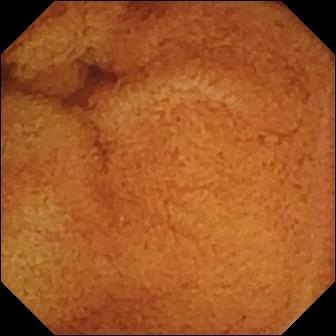Video capsule endoscopy — normal clean mucosa.